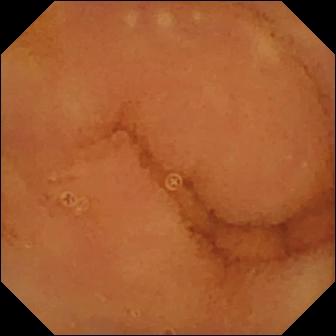VCE snapshot. Normal clean mucosa.